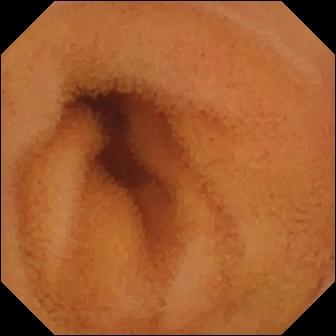modality: small-bowel capsule endoscopy
impression: normal clean mucosa